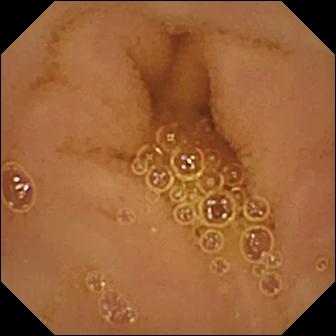modality: video capsule endoscopy; category: luminal finding; observation: normal clean mucosa